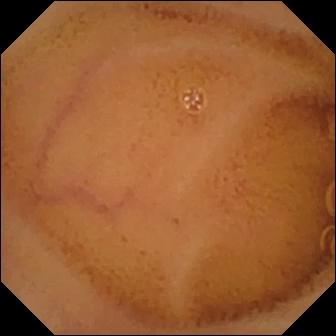{"modality": "small-bowel capsule endoscopy", "segment": "small bowel", "finding": "normal clean mucosa"}